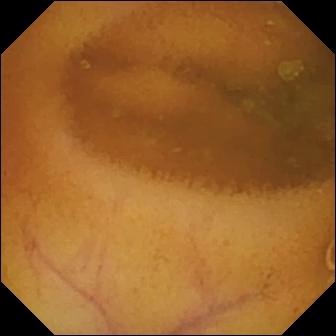- modality: video capsule endoscopy
- label: normal clean mucosa